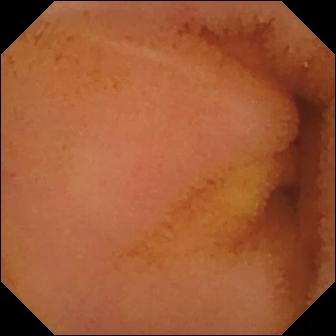{"modality": "WCE", "segment": "small bowel", "category": "luminal finding", "finding": "normal clean mucosa"}